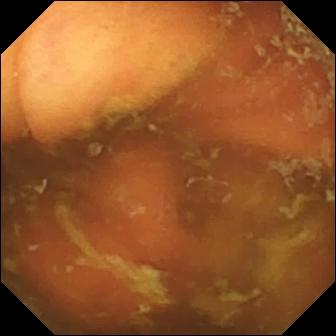Q: Where in the digestive tract was this wireless capsule endoscopy still taken?
A: Ileo-cecal valve region (the transition from the small bowel to the large bowel).